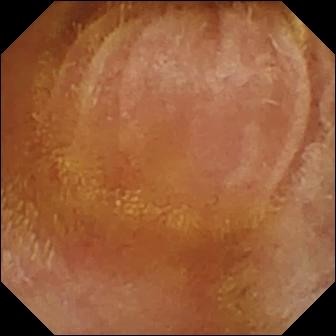Video capsule endoscopy. Small intestine. Impression: normal clean mucosa.